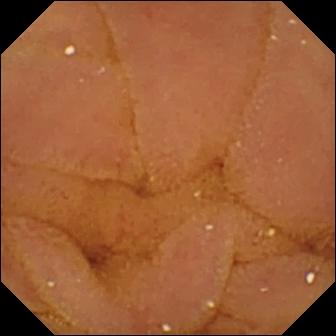WCE still of the small bowel showing normal clean mucosa.